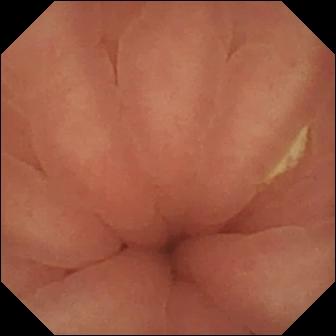- modality: capsule endoscopy
- category: anatomical landmark
- video segment: pylorus region